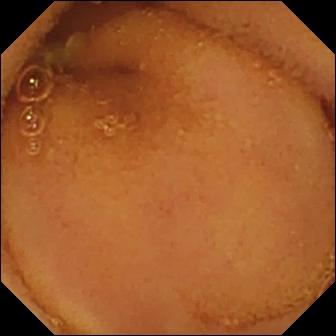VCE still showing normal clean mucosa.